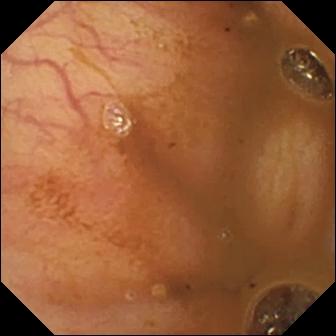modality: wireless capsule endoscopy
location: ileo-cecal valve region